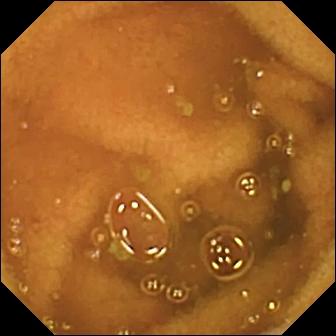modality: video capsule endoscopy | segment: small bowel | label: normal clean mucosa